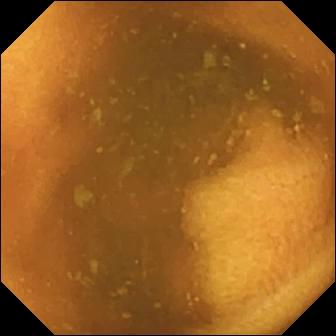{"modality": "capsule endoscopy", "segment": "small intestine", "finding": "normal clean mucosa"}